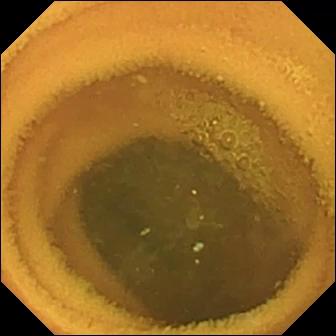modality: video capsule endoscopy | segment: small intestine | finding: normal clean mucosa